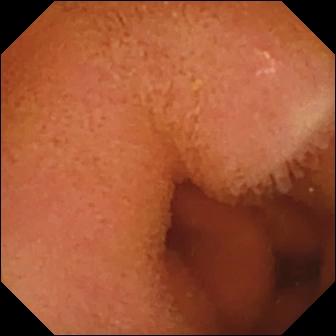Capsule endoscopy view (small intestine). Normal clean mucosa.